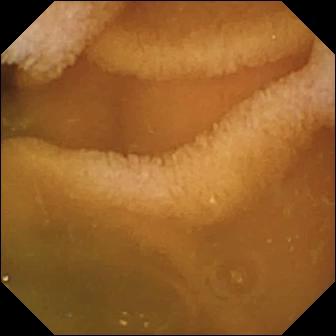Wireless capsule endoscopy frame, small intestine
Observation: normal clean mucosa